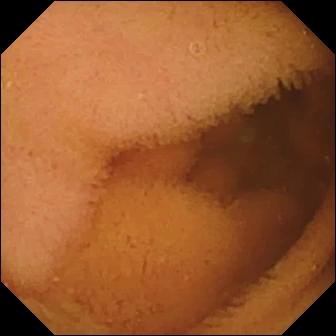modality: small-bowel capsule endoscopy
segment: small intestine
category: luminal finding
observation: normal clean mucosa